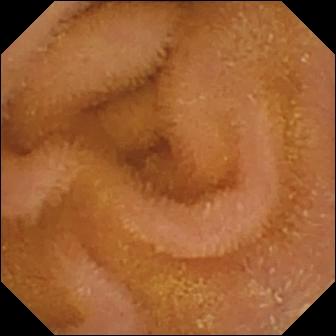Capsule endoscopy frame, small bowel
Finding: normal clean mucosa